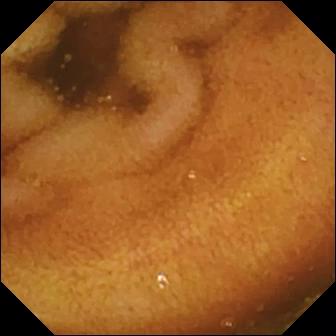Normal clean mucosa.